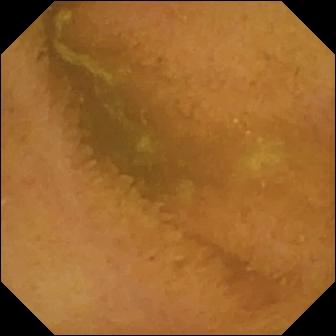VCE frame. Normal clean mucosa.